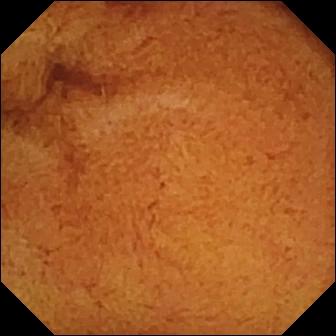Q: What does this capsule endoscopy snapshot of the small bowel show?
A: Normal clean mucosa.